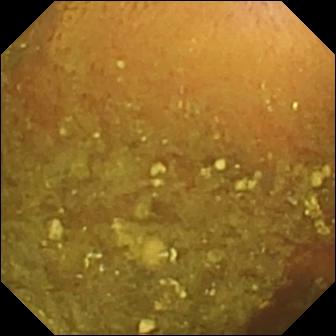WCE view. Reduced mucosal view (content or bubbles obscuring the mucosa).